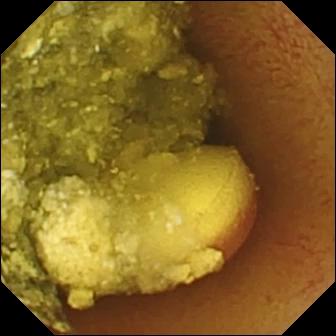VCE view
Observation: foreign body (e.g. retained capsule, tablet residue)